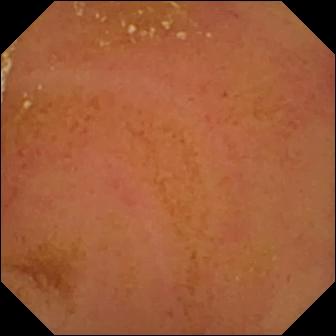Normal clean mucosa — capsule endoscopy snapshot.